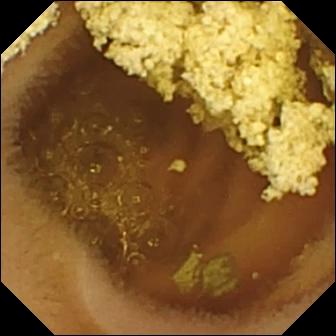PROCEDURE: Video capsule endoscopy.
SEGMENT: Small intestine.
FINDINGS: Normal clean mucosa.